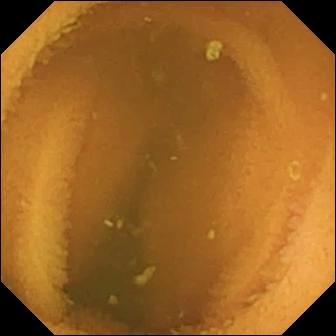This small-bowel capsule endoscopy view shows normal clean mucosa.